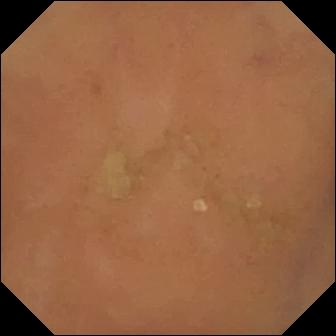Small-bowel capsule endoscopy image (small bowel). Normal clean mucosa.